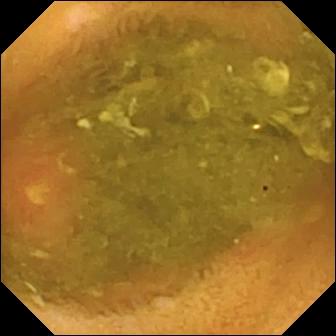Wireless capsule endoscopy. Impression: ulcer.